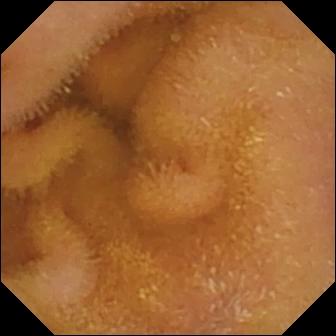Video capsule endoscopy — normal clean mucosa.